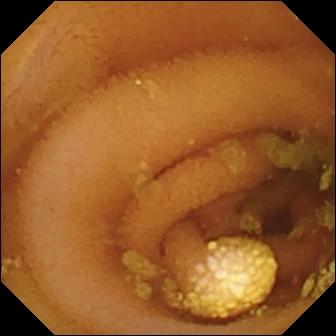Capsule endoscopy frame showing lymphangiectasia.